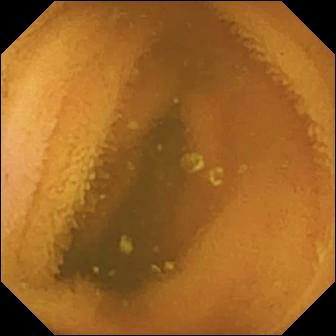Normal clean mucosa — capsule endoscopy view of the small intestine.